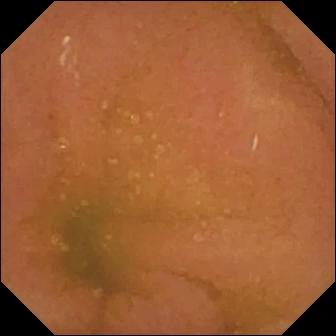- modality: video capsule endoscopy
- segment: small intestine
- category: luminal finding
- observation: normal clean mucosa